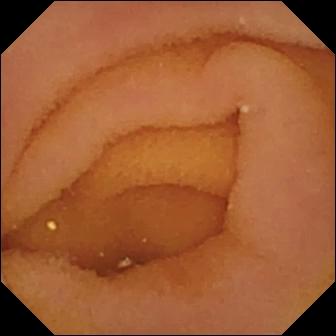Video capsule endoscopy — pylorus region (where the capsule passes from the stomach into the small bowel).